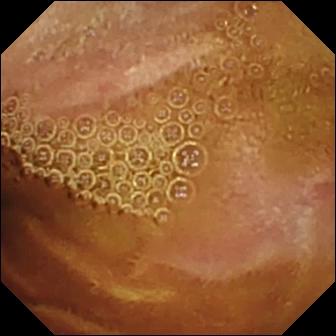Wireless capsule endoscopy — normal clean mucosa.